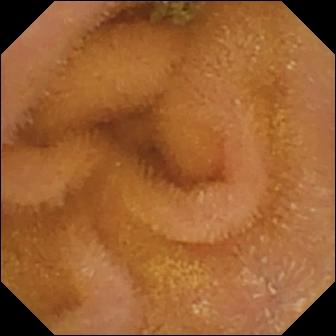{"modality": "capsule endoscopy", "segment": "small bowel", "finding": "normal clean mucosa"}